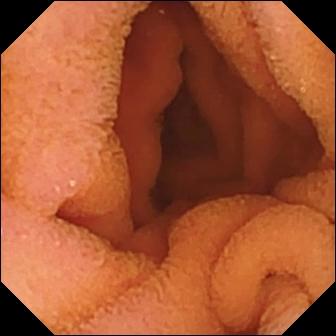Wireless capsule endoscopy frame
Impression: normal clean mucosa